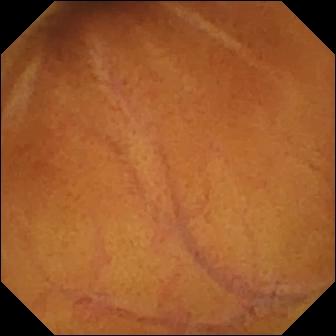Video capsule endoscopy view (small bowel), 336×336. Normal clean mucosa.